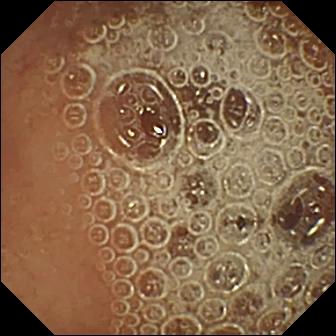Capsule endoscopy. Luminal finding. Observation: normal clean mucosa.